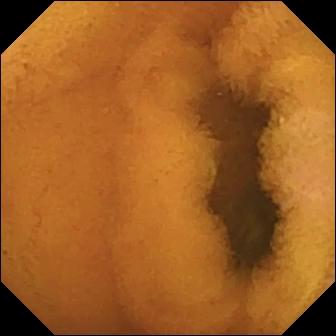Small-bowel capsule endoscopy. Small intestine. Label: normal clean mucosa.